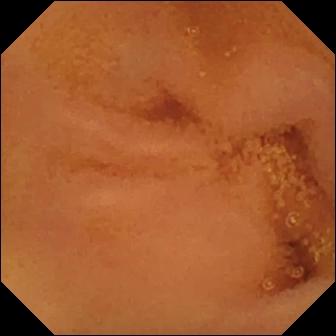{"modality": "small-bowel capsule endoscopy", "segment": "small bowel", "category": "luminal finding", "finding": "normal clean mucosa"}